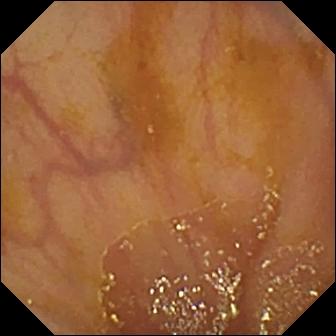Small-bowel capsule endoscopy — ileo-cecal valve region (the transition from the small bowel to the large bowel).